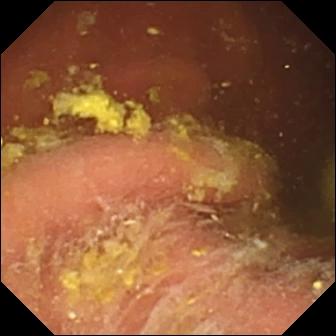Foreign body (e.g. retained capsule, tablet residue).